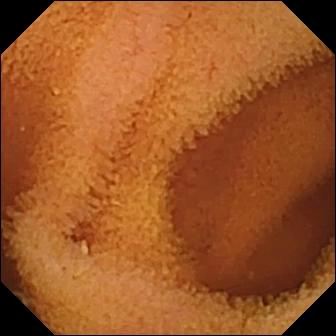Video capsule endoscopy still. Normal clean mucosa.